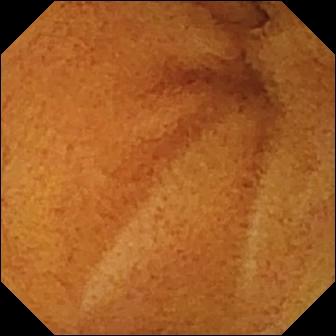Wireless capsule endoscopy frame of the small intestine showing normal clean mucosa.